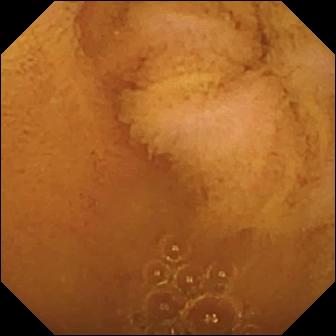Normal clean mucosa.